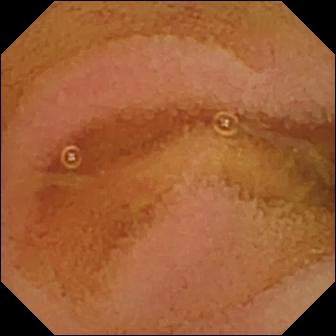This video capsule endoscopy view of the small intestine shows normal clean mucosa.